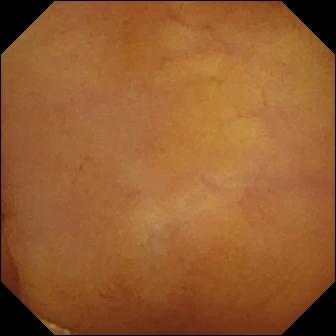PROCEDURE: Wireless capsule endoscopy.
FINDINGS: Normal clean mucosa.